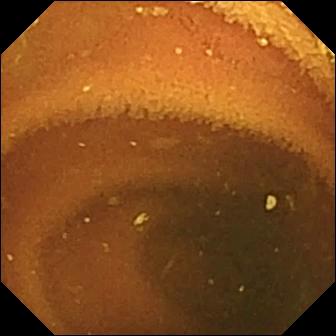VCE snapshot, small intestine
Observation: normal clean mucosa